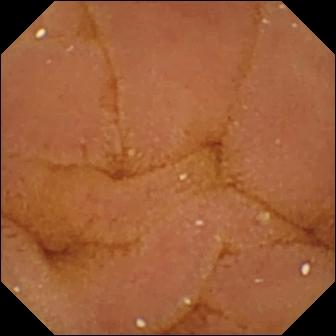Small-bowel capsule endoscopy — normal clean mucosa.